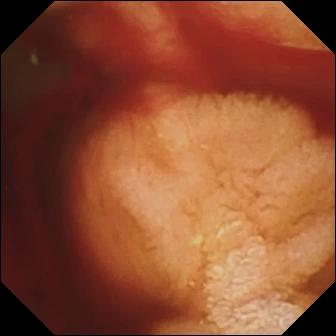Q: What does this capsule endoscopy image show?
A: Fresh blood in the lumen.